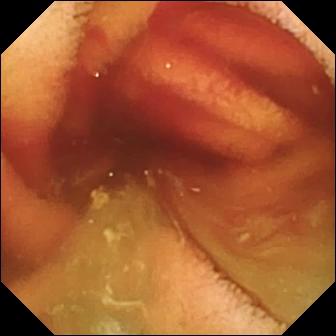Fresh blood in the lumen — small-bowel capsule endoscopy frame.